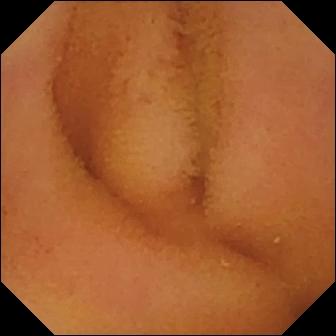VCE. Small intestine. Luminal finding. Observation: normal clean mucosa.